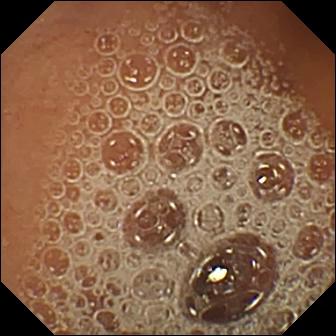Q: What does this VCE image show?
A: Normal clean mucosa.